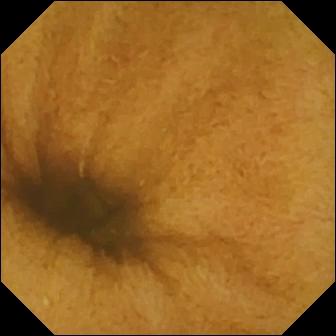Small-bowel capsule endoscopy. Small intestine. Label: normal clean mucosa.